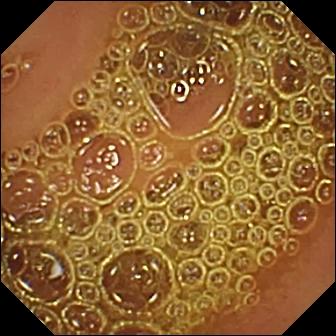WCE image showing normal clean mucosa.